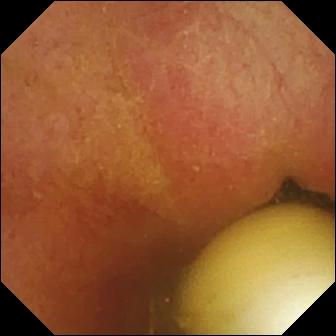PROCEDURE: Small-bowel capsule endoscopy.
FINDINGS: Foreign body (e.g. retained capsule, tablet residue).